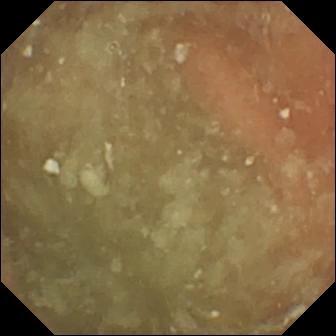Capsule endoscopy image (small bowel). Normal clean mucosa.